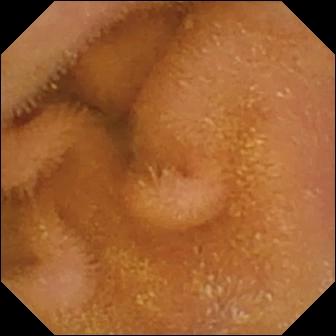Video capsule endoscopy image (small intestine). Normal clean mucosa.